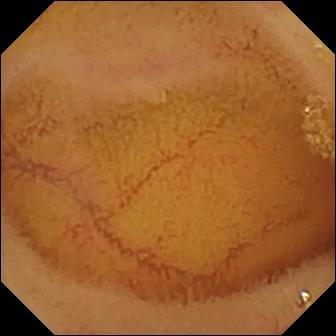Normal clean mucosa.